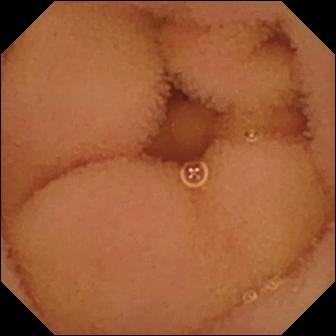WCE view (small intestine). Normal clean mucosa.